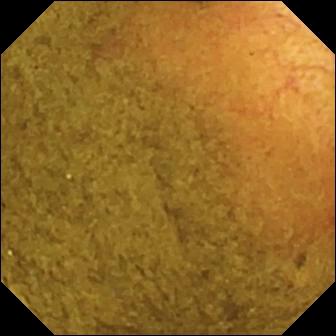Ileo-cecal valve region (where the capsule passes from the small bowel into the large bowel).